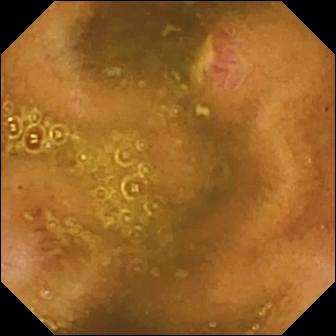Ulcer — WCE view.